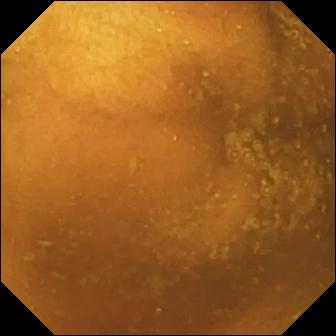VCE view
Impression: normal clean mucosa